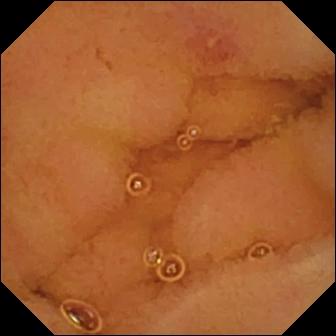Erosion.